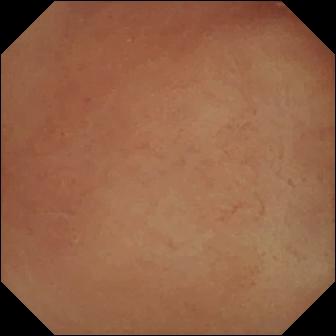Small-bowel capsule endoscopy. Location: pylorus region (the junction between the stomach and the small bowel).